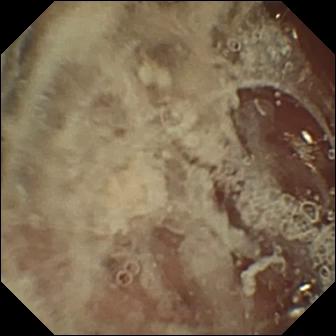WCE frame
Location: pylorus region (the junction between the stomach and the small bowel)